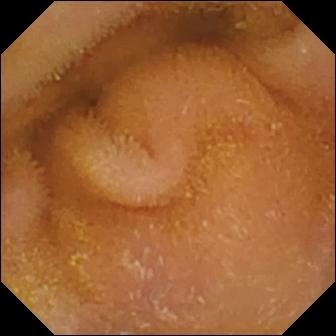modality: video capsule endoscopy | segment: small bowel | label: normal clean mucosa